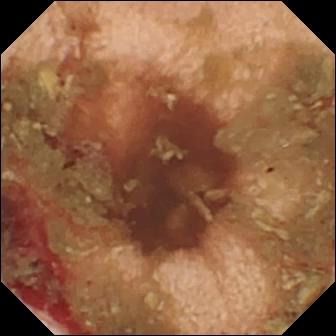This WCE still shows fresh blood in the lumen.